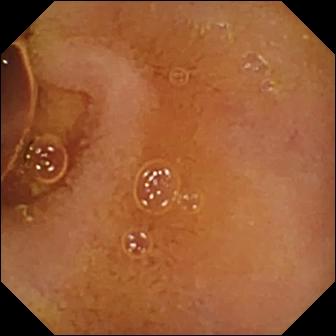Normal clean mucosa — video capsule endoscopy image.